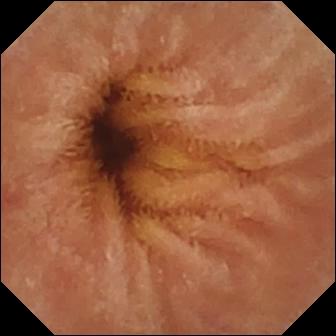Normal clean mucosa — capsule endoscopy image.